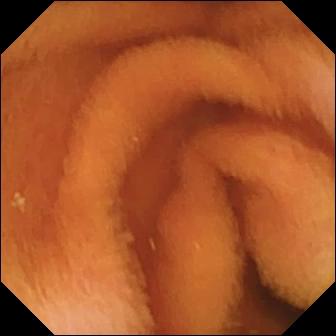Normal clean mucosa.